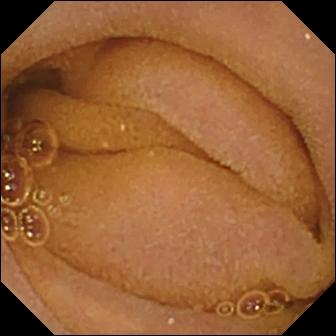Small-bowel capsule endoscopy snapshot, small bowel
Observation: normal clean mucosa